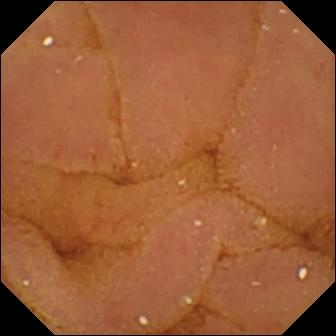Q: What does this WCE frame show?
A: Normal clean mucosa.